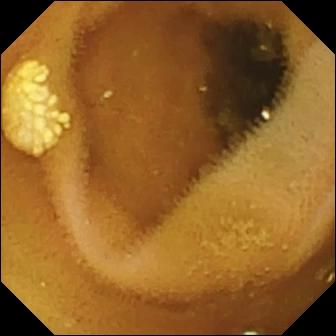Capsule endoscopy frame. Lymphangiectasia.